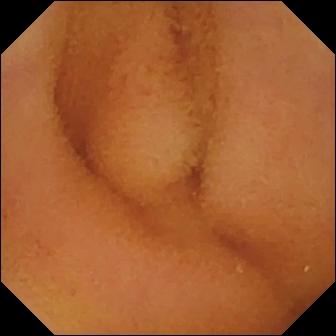modality: capsule endoscopy; segment: small intestine; impression: normal clean mucosa